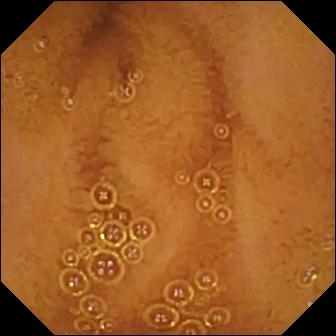{"modality": "capsule endoscopy", "segment": "small bowel", "category": "luminal finding", "finding": "normal clean mucosa"}